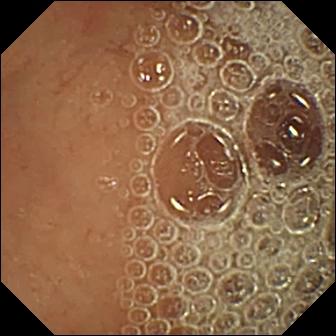VCE. Luminal finding. Finding: normal clean mucosa.